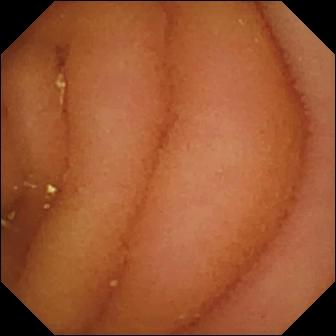Small-bowel capsule endoscopy snapshot, 336×336. Normal clean mucosa.